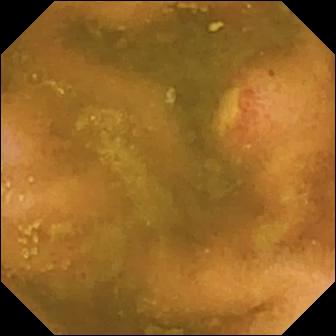Ulcer — video capsule endoscopy view.